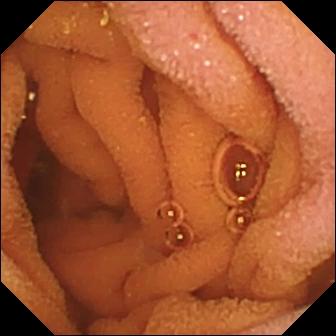Wireless capsule endoscopy — normal clean mucosa.